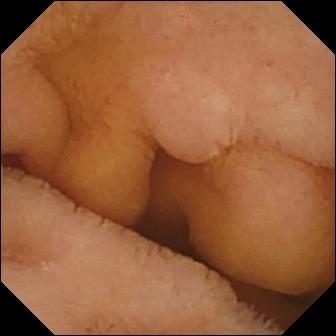- modality: small-bowel capsule endoscopy
- segment: small bowel
- impression: normal clean mucosa